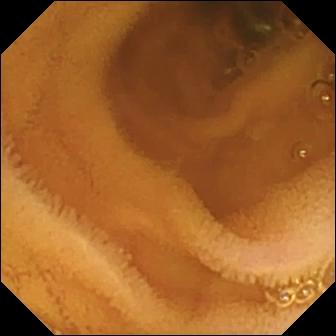{"modality": "VCE", "category": "luminal finding", "finding": "normal clean mucosa"}